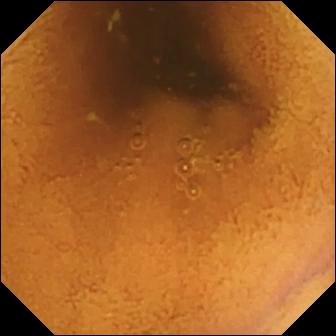Small-bowel capsule endoscopy — normal clean mucosa.